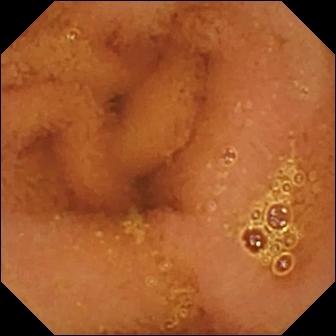Normal clean mucosa.